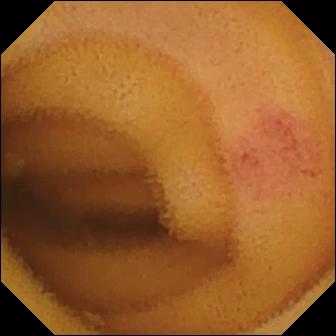Video capsule endoscopy snapshot
Impression: angiectasia